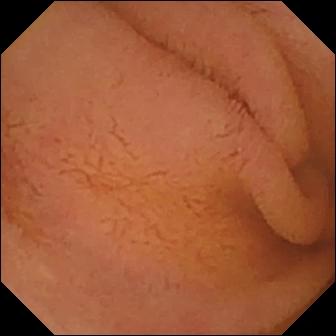- modality: wireless capsule endoscopy
- finding: normal clean mucosa